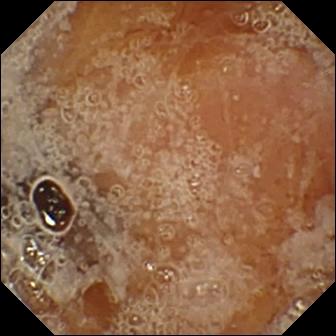Capsule endoscopy image taken in the pylorus region (the junction between the stomach and the small bowel).